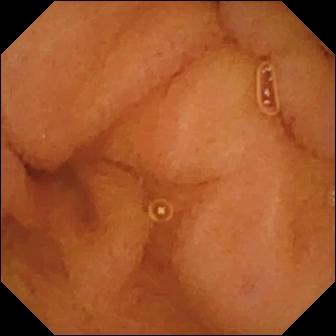{"modality": "VCE", "category": "luminal finding", "finding": "normal clean mucosa"}